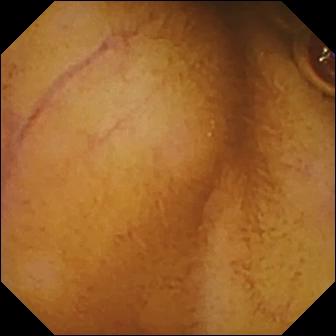Wireless capsule endoscopy frame showing normal clean mucosa.